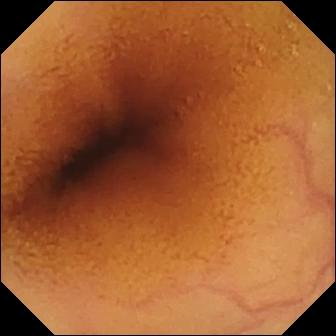Normal clean mucosa.